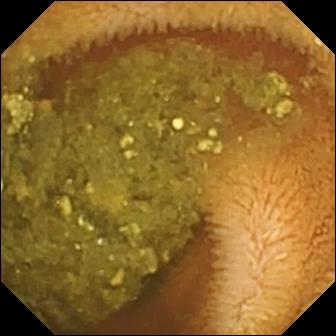- modality: wireless capsule endoscopy
- segment: small bowel
- category: luminal finding
- label: reduced mucosal view (content or bubbles obscuring the mucosa)